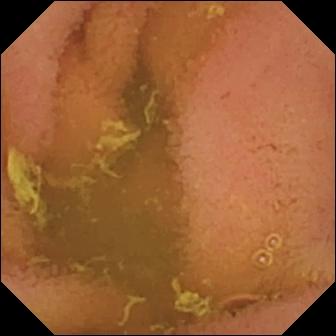- modality: wireless capsule endoscopy
- segment: small bowel
- label: normal clean mucosa